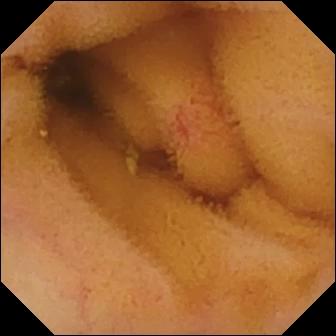WCE. Observation: angiectasia.